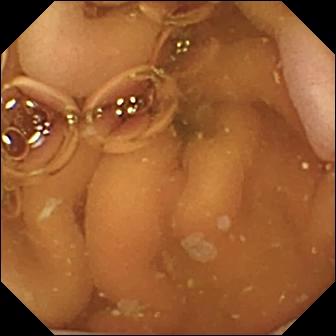VCE snapshot. Taken in the pylorus region (where the capsule passes from the stomach into the small bowel).